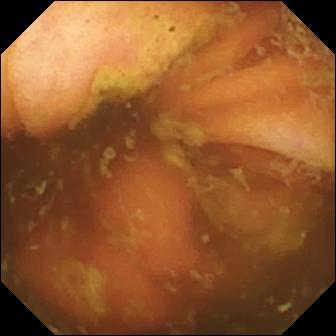Q: Where in the digestive tract was this wireless capsule endoscopy image taken?
A: Ileo-cecal valve region.